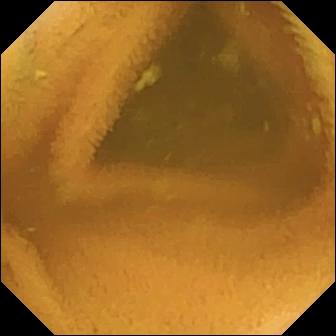Wireless capsule endoscopy — normal clean mucosa.